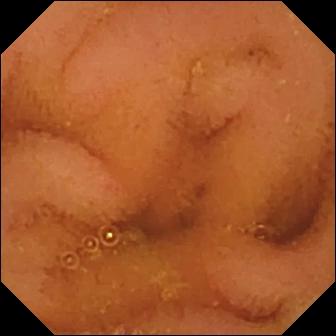VCE. Small bowel. Luminal finding. Impression: normal clean mucosa.